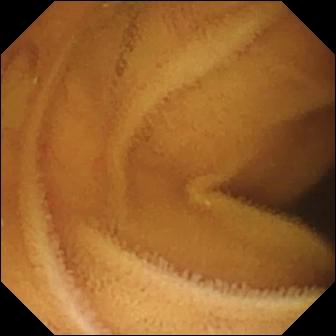Video capsule endoscopy — normal clean mucosa.